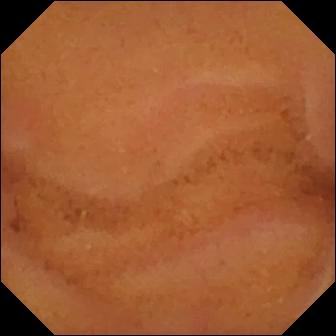Capsule endoscopy. Small intestine. Observation: normal clean mucosa.